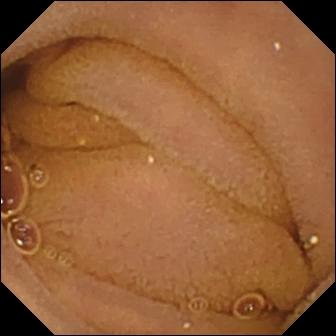This WCE image of the small intestine shows normal clean mucosa.